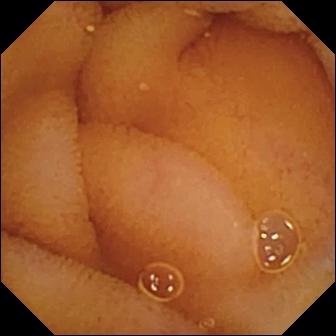Video capsule endoscopy still showing normal clean mucosa.